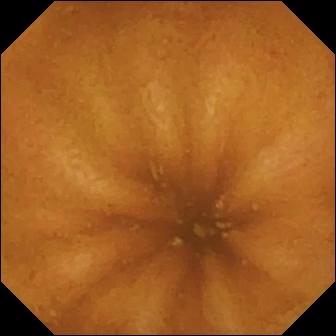WCE — normal clean mucosa.